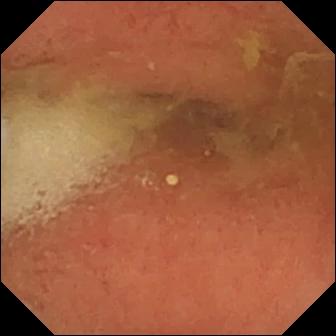Capsule endoscopy image. Taken in the pylorus region.